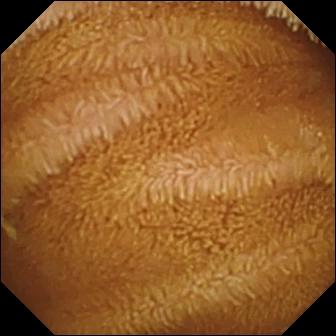Normal clean mucosa — wireless capsule endoscopy snapshot.